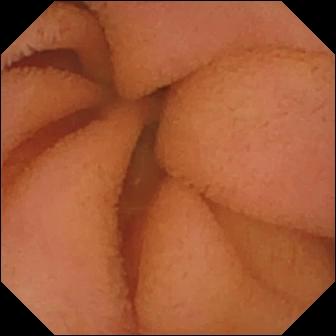Q: What does this capsule endoscopy view show?
A: Normal clean mucosa.